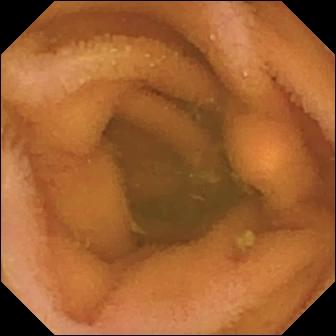VCE still
Observation: normal clean mucosa